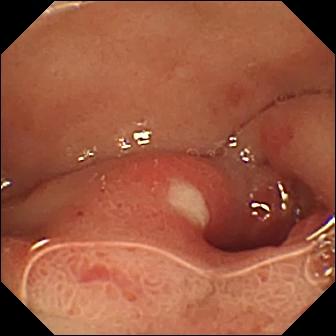WCE image showing ulcer.